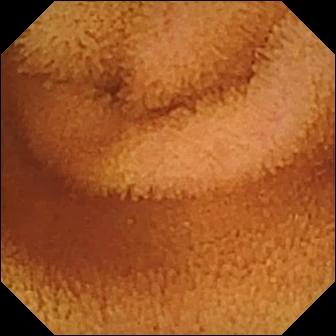Video capsule endoscopy frame
Finding: normal clean mucosa